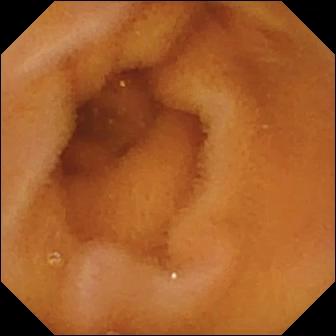WCE frame, small intestine
Impression: normal clean mucosa